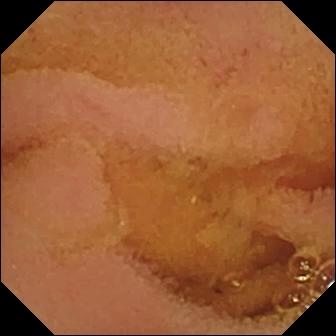Video capsule endoscopy — normal clean mucosa.